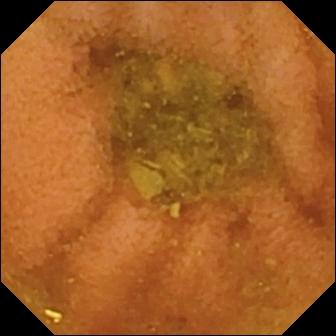Wireless capsule endoscopy frame, small intestine
Observation: normal clean mucosa